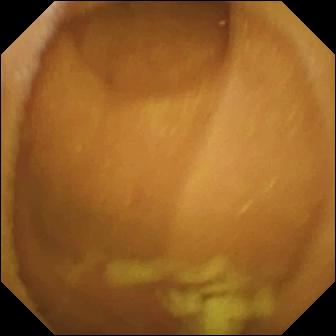Q: What does this VCE snapshot show?
A: Normal clean mucosa.